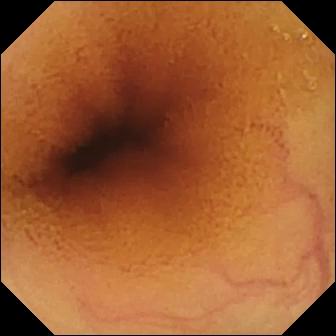Normal clean mucosa — capsule endoscopy frame.